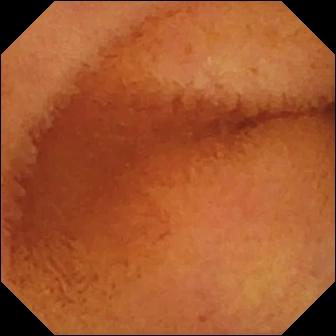PROCEDURE: Small-bowel capsule endoscopy.
SEGMENT: Small bowel.
FINDINGS: Normal clean mucosa.